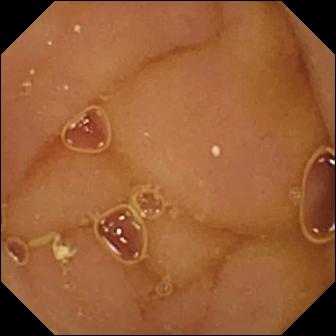VCE view, small intestine
Finding: normal clean mucosa